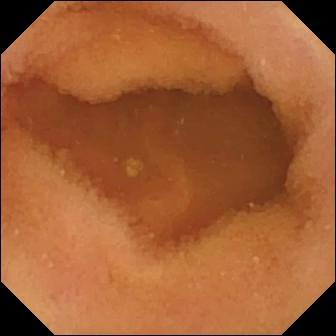VCE snapshot. Normal clean mucosa.